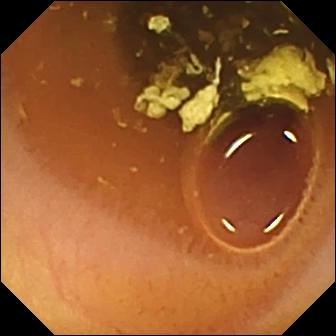WCE image (small intestine). Normal clean mucosa.